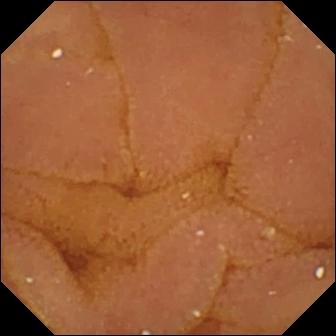modality: capsule endoscopy
finding: normal clean mucosa